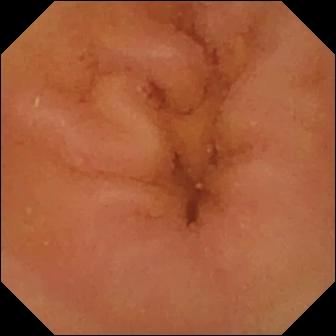PROCEDURE: VCE.
FINDINGS: Normal clean mucosa.